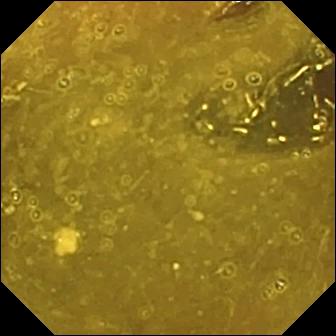Small-bowel capsule endoscopy — ileo-cecal valve region.